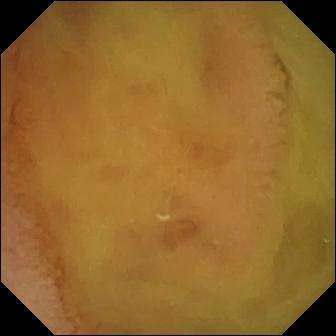Capsule endoscopy. Small bowel. Luminal finding. Impression: normal clean mucosa.